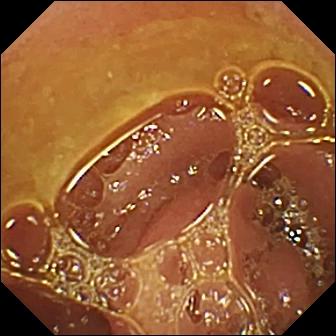- modality: capsule endoscopy
- segment: small bowel
- label: normal clean mucosa